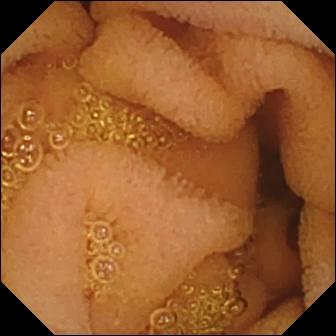Capsule endoscopy. Impression: normal clean mucosa.